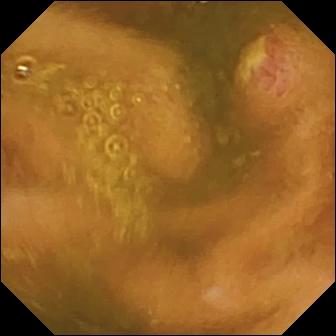Small-bowel capsule endoscopy snapshot
Observation: ulcer